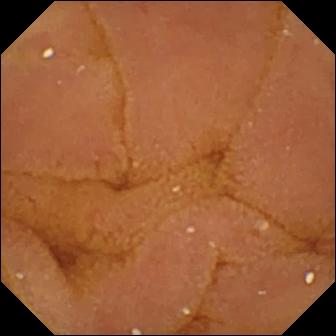Normal clean mucosa.